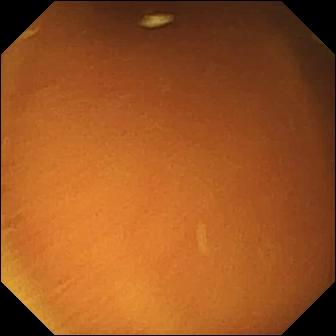{"modality": "capsule endoscopy", "finding": "normal clean mucosa"}